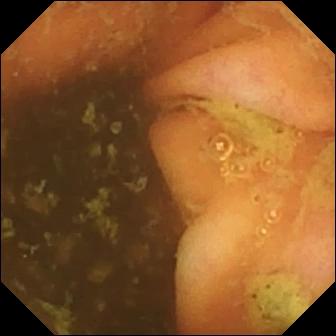modality: video capsule endoscopy
location: ileo-cecal valve region (where the capsule passes from the small bowel into the large bowel)